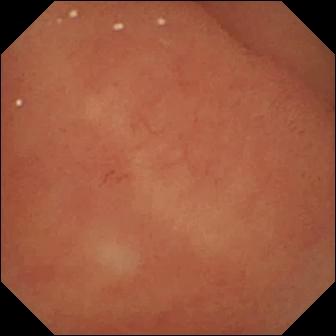WCE snapshot. Normal clean mucosa.